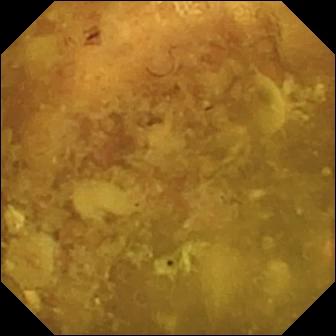Small-bowel capsule endoscopy view
Label: reduced mucosal view (content or bubbles obscuring the mucosa)